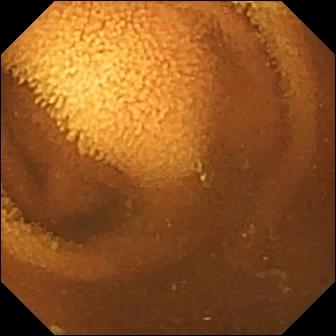Normal clean mucosa.